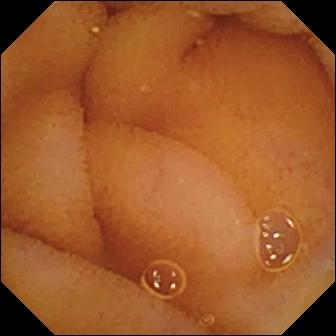VCE still. Normal clean mucosa.